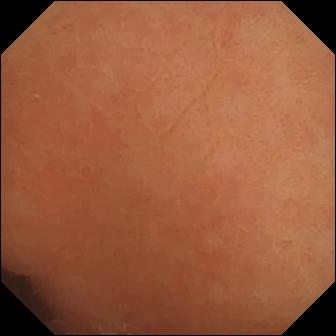WCE. Finding: normal clean mucosa.